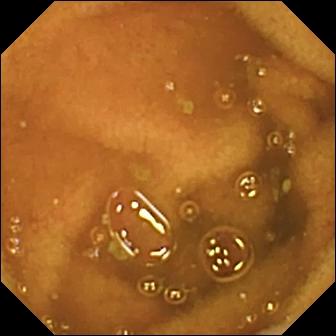VCE still
Observation: normal clean mucosa